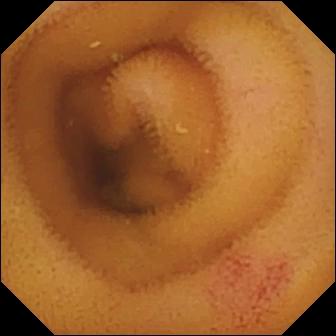VCE. Impression: angiectasia.